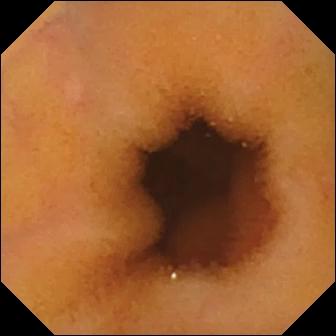This VCE view of the small intestine shows normal clean mucosa.